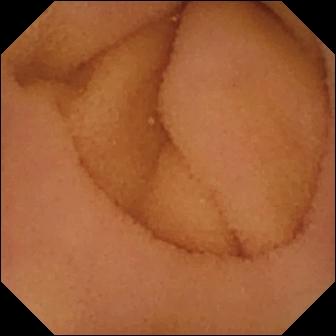Video capsule endoscopy image, small intestine
Observation: normal clean mucosa